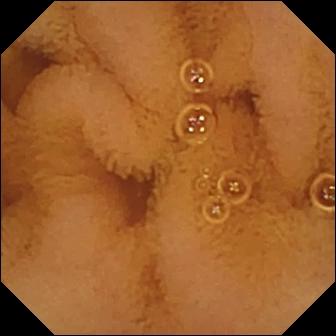Normal clean mucosa.